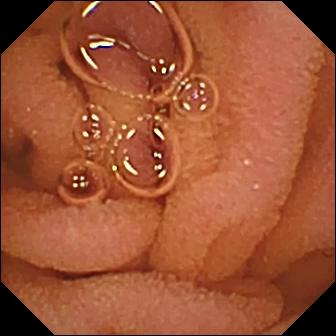Capsule endoscopy view
Finding: normal clean mucosa